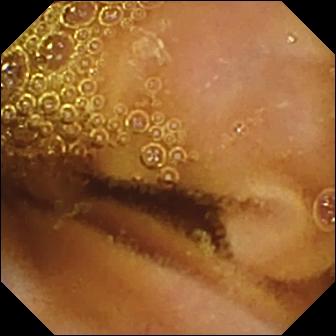Normal clean mucosa — WCE frame.